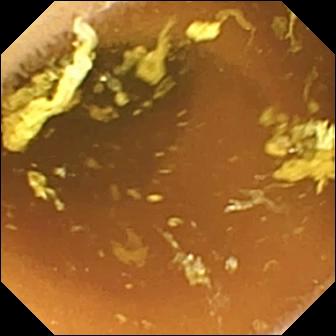Capsule endoscopy image showing normal clean mucosa.